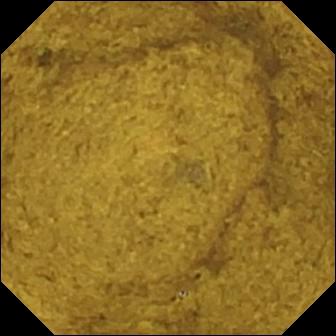{"modality": "wireless capsule endoscopy", "category": "anatomical landmark", "position": "ileo-cecal valve region (where the capsule passes from the small bowel into the large bowel)"}